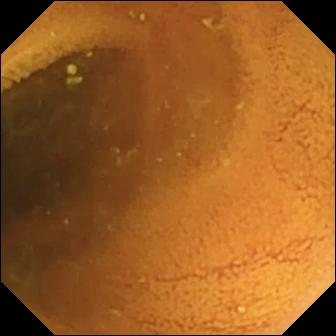WCE image
Impression: normal clean mucosa